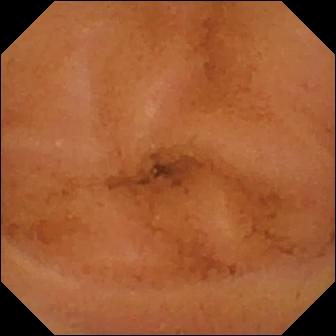This video capsule endoscopy image shows normal clean mucosa.